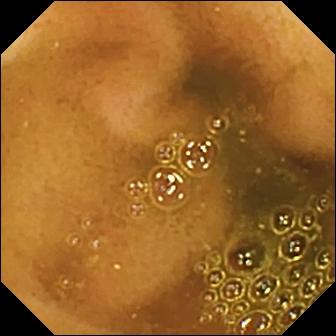VCE frame
Position: ileo-cecal valve region